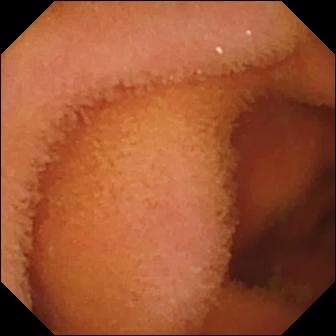Q: What does this small-bowel capsule endoscopy view show?
A: Normal clean mucosa.